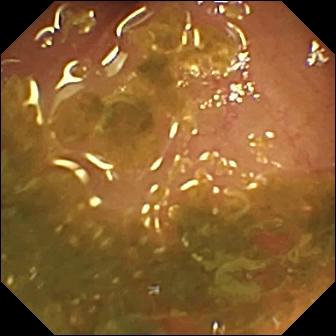WCE — ileo-cecal valve region (the transition from the small bowel to the large bowel).